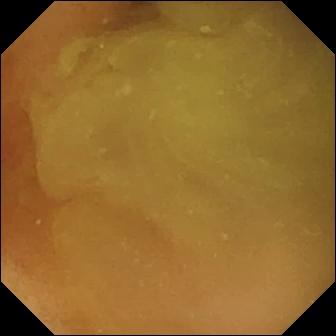Normal clean mucosa (336×336).